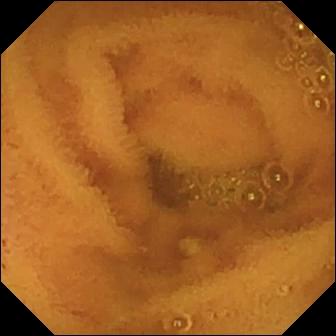{"modality": "VCE", "finding": "normal clean mucosa"}